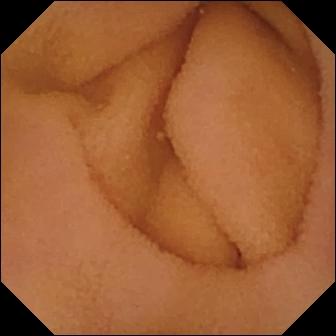Normal clean mucosa.